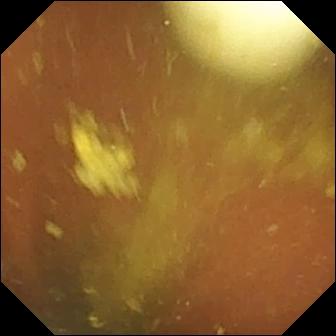WCE view
Label: foreign body (e.g. retained capsule, tablet residue)